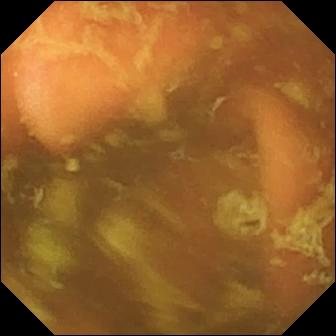Q: Where in the digestive tract was this small-bowel capsule endoscopy still taken?
A: Ileo-cecal valve region.